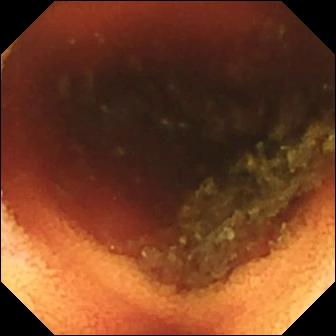Video capsule endoscopy frame taken in the ileo-cecal valve region.